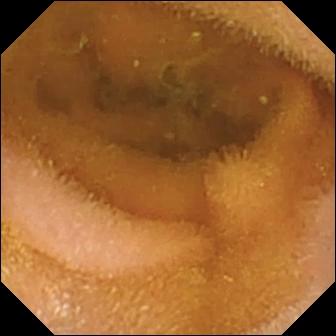WCE view. Normal clean mucosa.